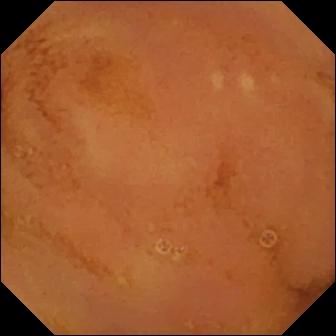Normal clean mucosa.